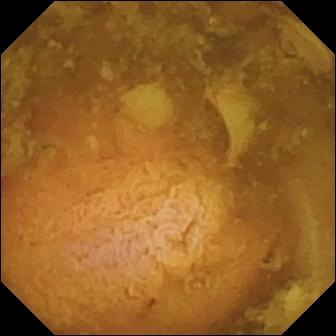{"modality": "capsule endoscopy", "finding": "reduced mucosal view (content or bubbles obscuring the mucosa)"}